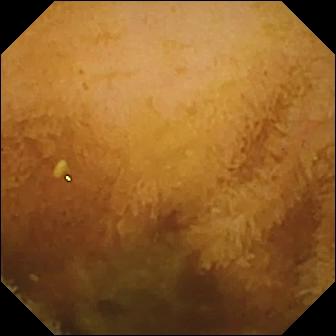Small-bowel capsule endoscopy snapshot (small intestine). Normal clean mucosa.